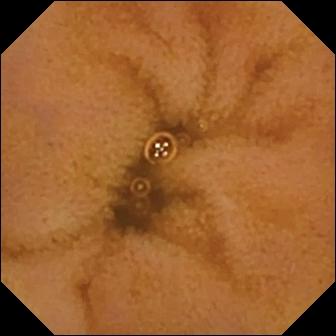Video capsule endoscopy — normal clean mucosa.